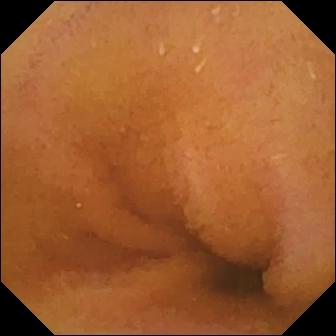This capsule endoscopy snapshot shows normal clean mucosa.